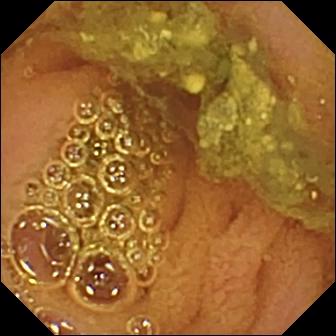Normal clean mucosa.